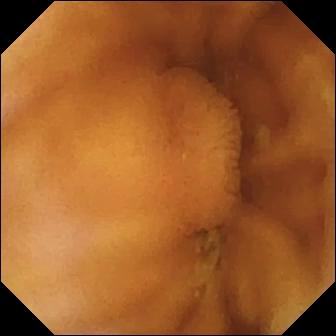Q: What does this video capsule endoscopy frame show?
A: Normal clean mucosa.